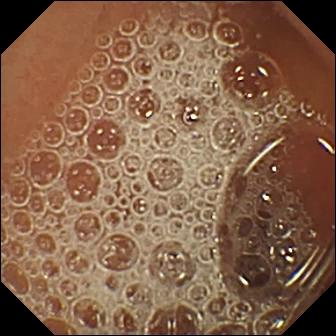Small-bowel capsule endoscopy view. Normal clean mucosa.